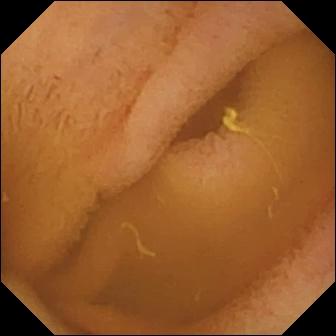{"modality": "small-bowel capsule endoscopy", "segment": "small intestine", "category": "luminal finding", "finding": "normal clean mucosa"}